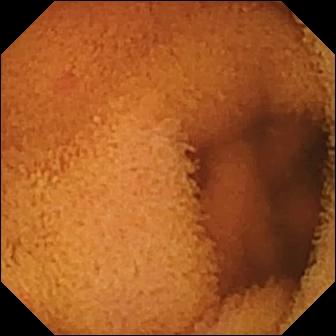Q: What does this capsule endoscopy frame of the small bowel show?
A: Normal clean mucosa.